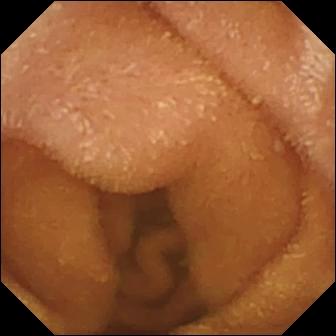- modality: video capsule endoscopy
- impression: normal clean mucosa